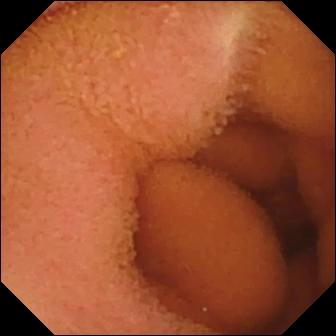VCE view. Normal clean mucosa.